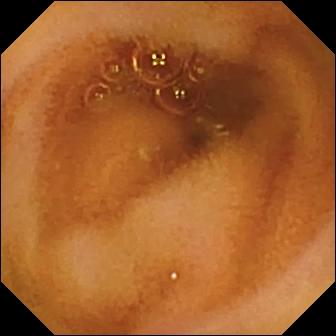- modality: video capsule endoscopy
- category: luminal finding
- finding: normal clean mucosa